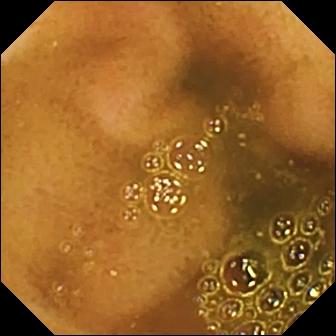This wireless capsule endoscopy frame was taken in the ileo-cecal valve region (the transition from the small bowel to the large bowel).